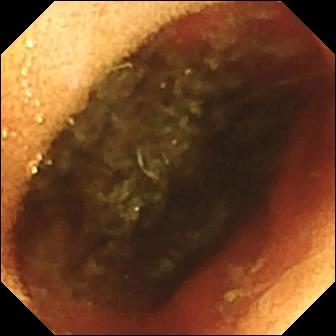modality: wireless capsule endoscopy
location: ileo-cecal valve region